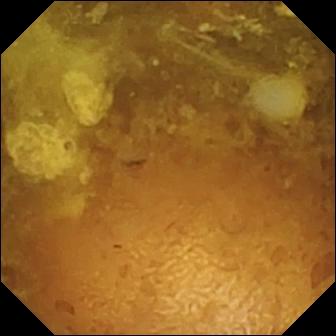WCE — reduced mucosal view (content or bubbles obscuring the mucosa).